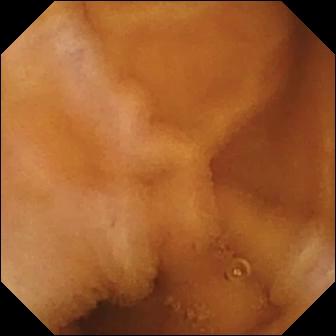{"modality": "capsule endoscopy", "segment": "small bowel", "finding": "normal clean mucosa"}